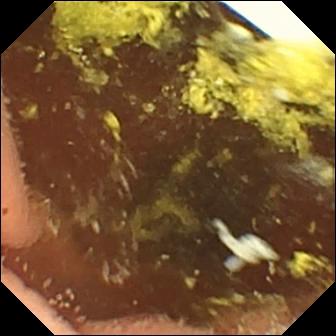VCE — foreign body (e.g. retained capsule, tablet residue).